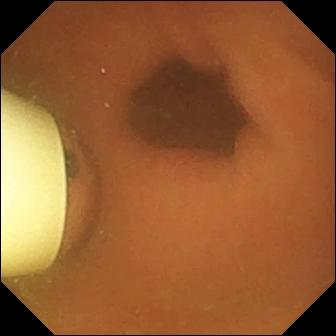{"modality": "wireless capsule endoscopy", "finding": "foreign body (e.g. retained capsule, tablet residue)"}